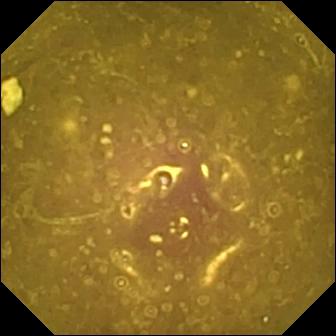modality: small-bowel capsule endoscopy
segment: small intestine
impression: reduced mucosal view (content or bubbles obscuring the mucosa)